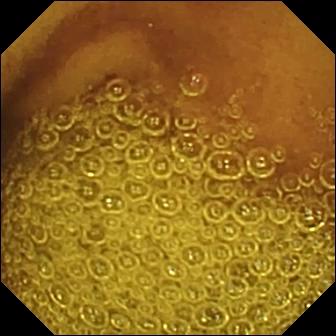PROCEDURE: VCE.
SEGMENT: Small bowel.
FINDINGS: Normal clean mucosa.